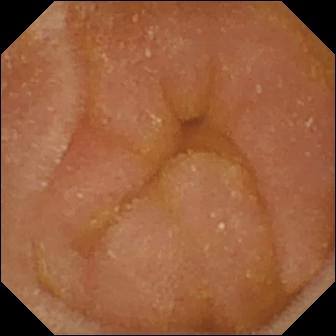Capsule endoscopy — normal clean mucosa.